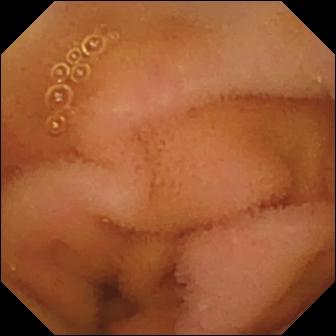Normal clean mucosa.